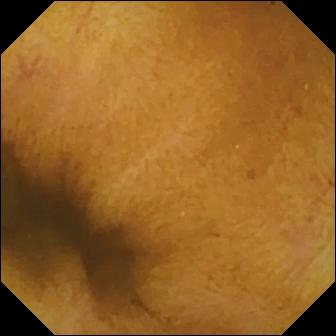Capsule endoscopy. Small bowel. Luminal finding. Impression: normal clean mucosa.